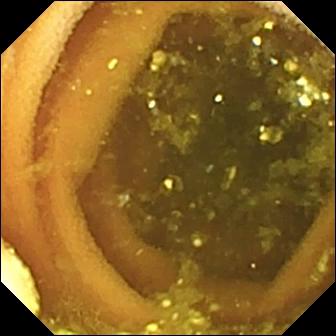Video capsule endoscopy snapshot
Finding: lymphangiectasia